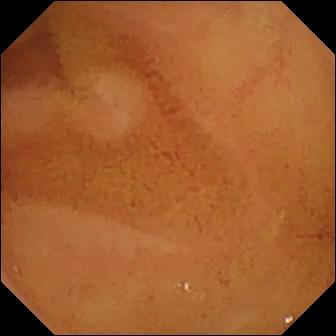Capsule endoscopy still
Finding: normal clean mucosa